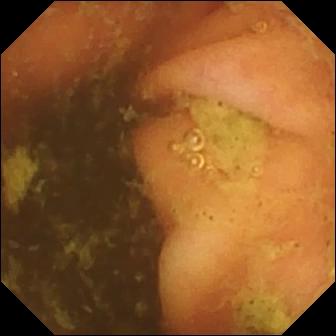Ileo-cecal valve region (the transition from the small bowel to the large bowel) — WCE still.